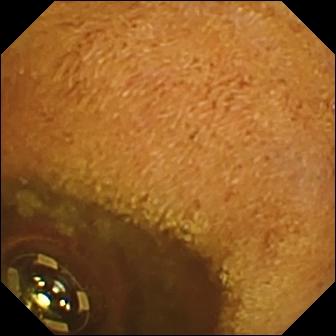PROCEDURE: Small-bowel capsule endoscopy.
FINDINGS: Foreign body (e.g. retained capsule, tablet residue).